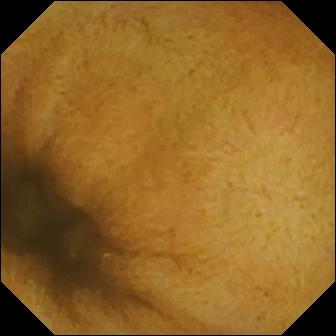- modality: WCE
- label: normal clean mucosa